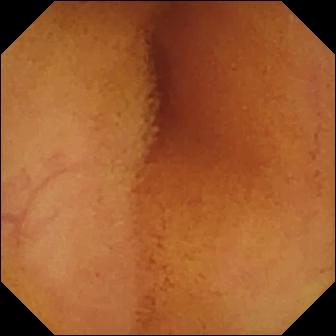Wireless capsule endoscopy. Impression: normal clean mucosa.